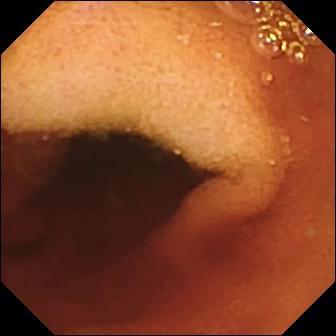VCE — ileo-cecal valve region.